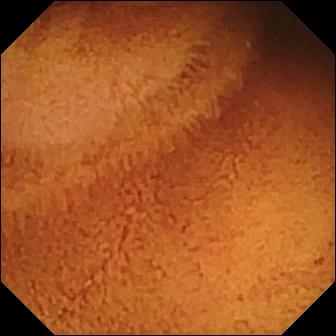Wireless capsule endoscopy snapshot. Normal clean mucosa.